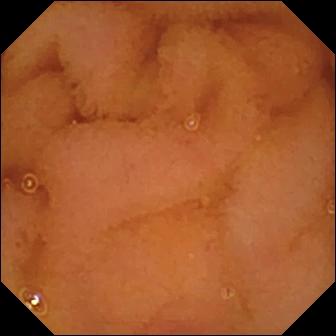Video capsule endoscopy view, small bowel
Finding: normal clean mucosa